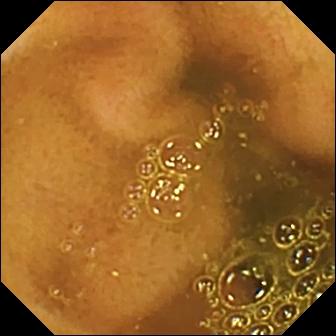Small-bowel capsule endoscopy. Label: ileo-cecal valve region.